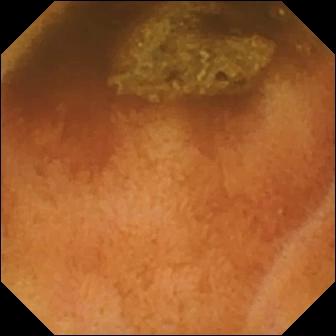{"modality": "wireless capsule endoscopy", "finding": "normal clean mucosa"}